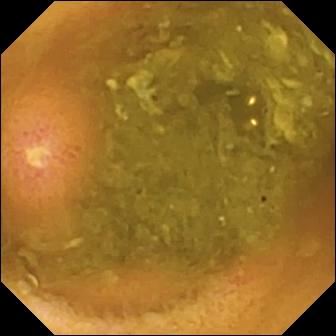{"modality": "small-bowel capsule endoscopy", "finding": "ulcer"}